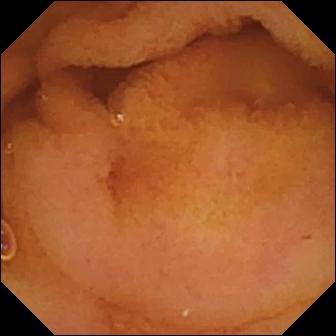Wireless capsule endoscopy frame showing normal clean mucosa.